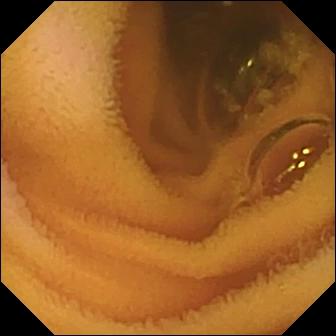Small-bowel capsule endoscopy — normal clean mucosa.